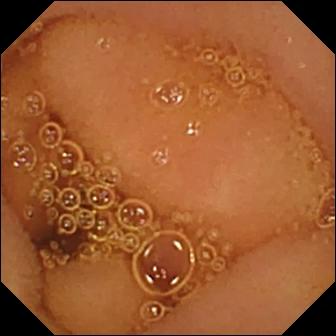WCE image, 336×336. Normal clean mucosa.